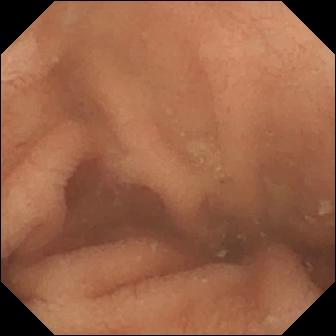{"modality": "VCE", "category": "luminal finding", "finding": "normal clean mucosa"}